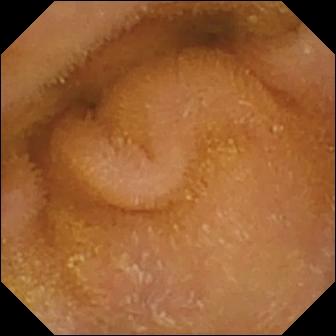Normal clean mucosa.